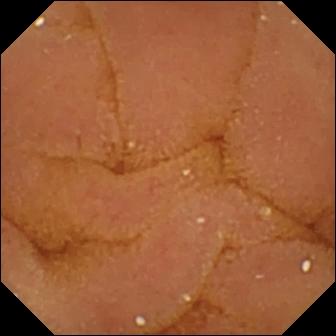WCE image of the small bowel showing normal clean mucosa.